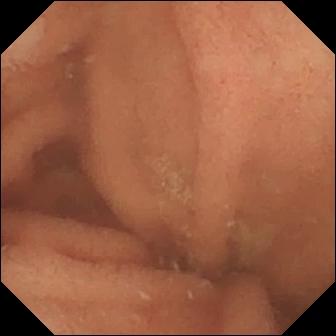VCE — normal clean mucosa.